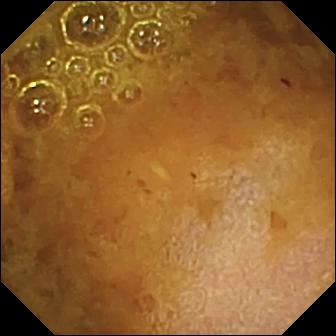Reduced mucosal view (content or bubbles obscuring the mucosa) (336×336).